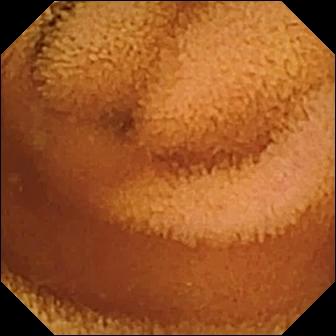Normal clean mucosa — VCE image of the small intestine.